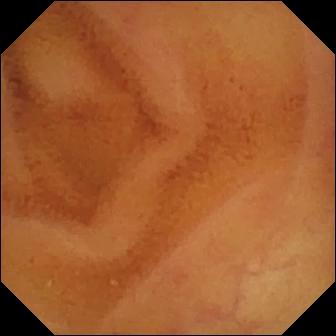Video capsule endoscopy still
Label: normal clean mucosa